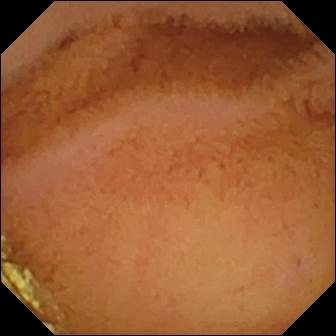Video capsule endoscopy. Impression: normal clean mucosa.